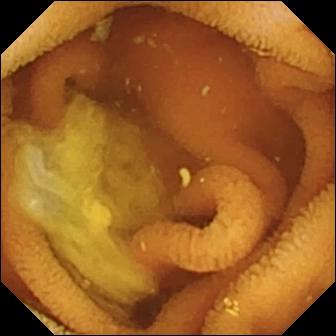Normal clean mucosa (336×336).